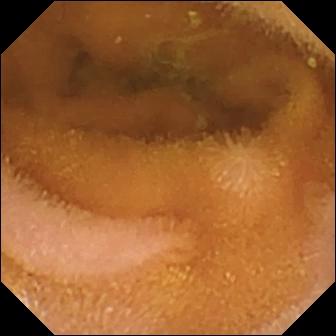Normal clean mucosa.